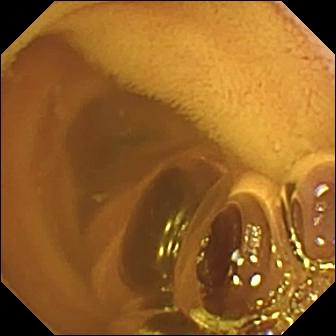WCE — normal clean mucosa.